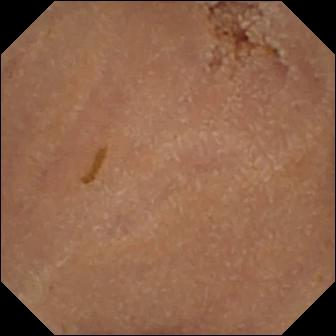Capsule endoscopy image showing normal clean mucosa.